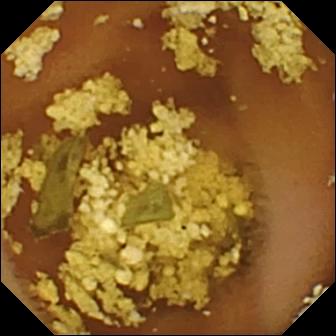Small-bowel capsule endoscopy — normal clean mucosa.